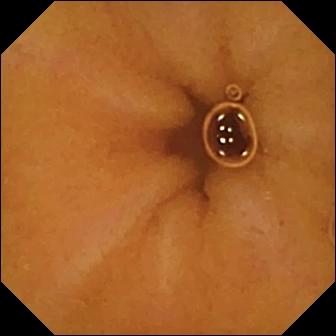Small-bowel capsule endoscopy image. Normal clean mucosa.